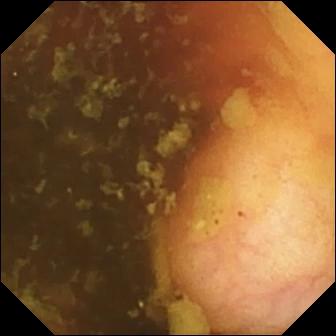{"modality": "capsule endoscopy", "position": "ileo-cecal valve region (the transition from the small bowel to the large bowel)"}